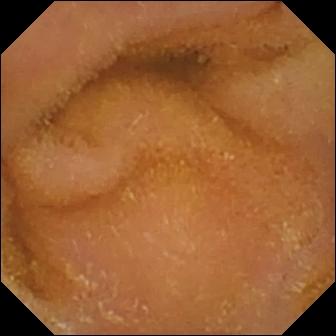- modality: WCE
- segment: small intestine
- observation: normal clean mucosa